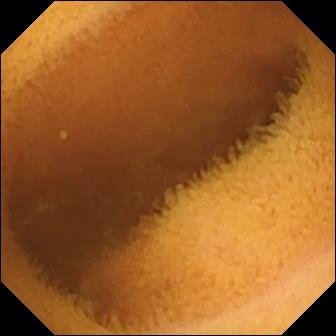VCE still, small bowel
Finding: normal clean mucosa